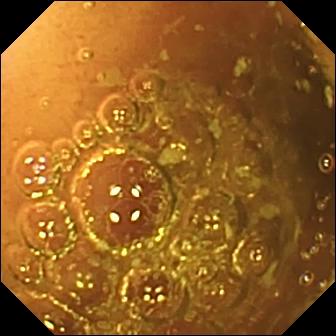Video capsule endoscopy. Small bowel. Impression: normal clean mucosa.